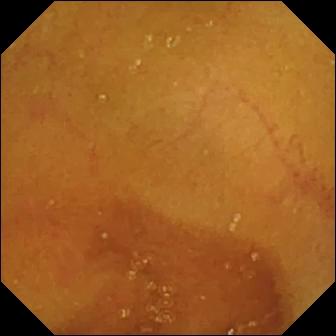PROCEDURE: Small-bowel capsule endoscopy.
SEGMENT: Small bowel.
FINDINGS: Normal clean mucosa.